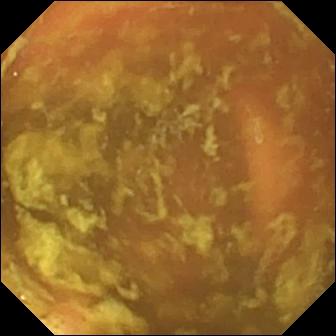VCE — ileo-cecal valve region (the transition from the small bowel to the large bowel).